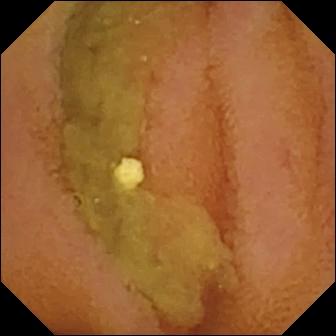Small-bowel capsule endoscopy snapshot
Impression: normal clean mucosa